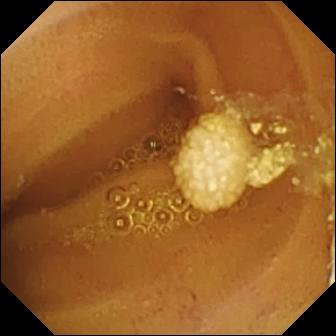Capsule endoscopy — lymphangiectasia.